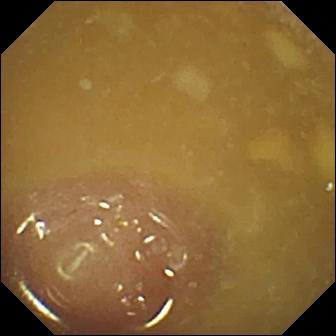Capsule endoscopy. Label: ileo-cecal valve region (the transition from the small bowel to the large bowel).